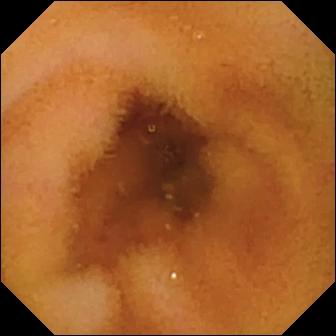This capsule endoscopy frame shows normal clean mucosa.